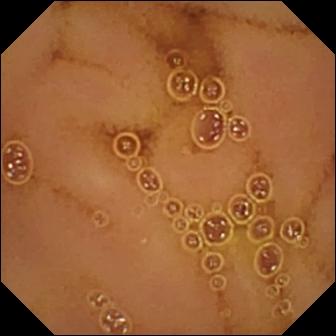Small-bowel capsule endoscopy frame
Observation: normal clean mucosa